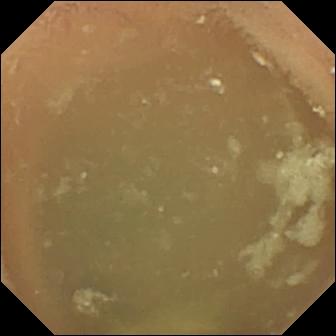modality: WCE; segment: small intestine; label: normal clean mucosa